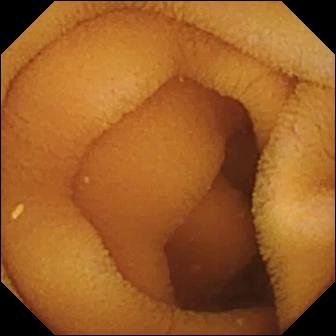VCE frame showing normal clean mucosa.